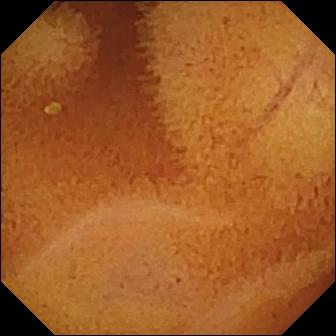Q: What does this wireless capsule endoscopy image show?
A: Normal clean mucosa.